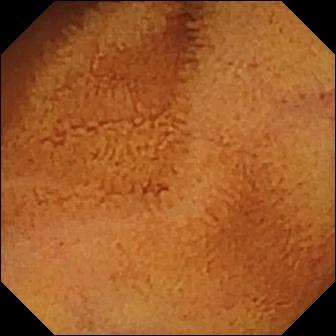PROCEDURE: Small-bowel capsule endoscopy.
FINDINGS: Normal clean mucosa.